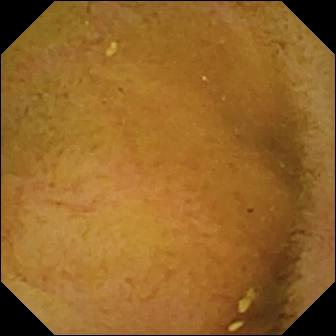modality: VCE
segment: small bowel
label: normal clean mucosa